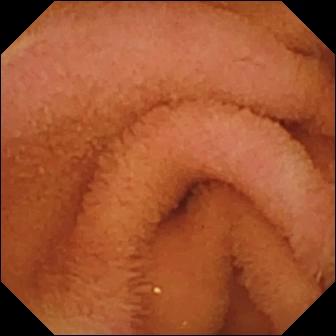{"modality": "WCE", "finding": "normal clean mucosa"}